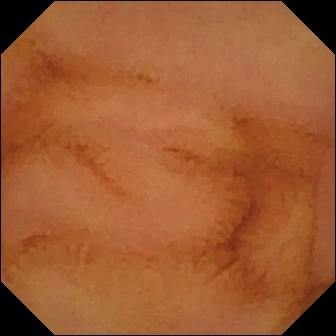Normal clean mucosa — wireless capsule endoscopy still.